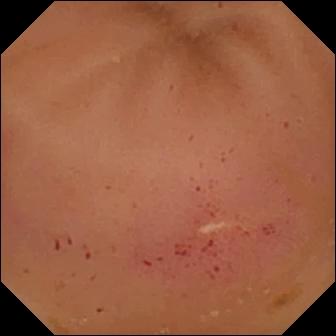Q: What does this VCE snapshot show?
A: Erythema (mucosal redness).